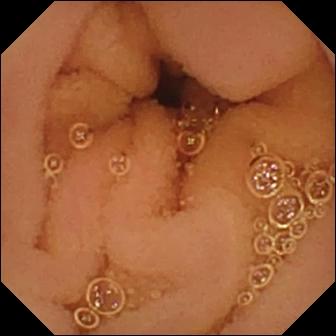Wireless capsule endoscopy still showing normal clean mucosa.